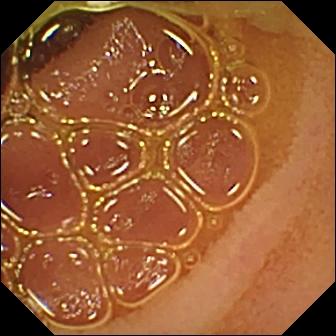WCE image. Normal clean mucosa.